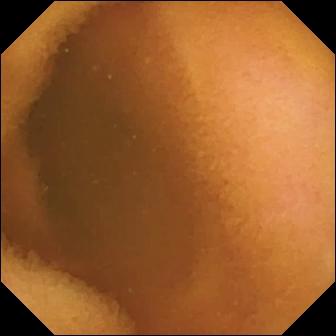Wireless capsule endoscopy view of the small bowel showing normal clean mucosa.